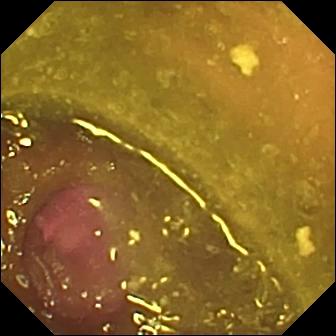WCE view. Reduced mucosal view (content or bubbles obscuring the mucosa).